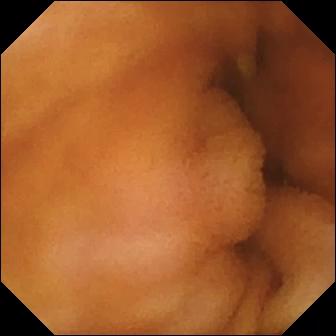Normal clean mucosa — wireless capsule endoscopy frame of the small intestine.